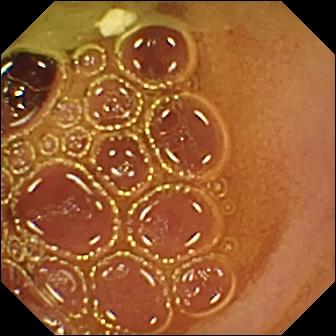Normal clean mucosa — VCE still of the small intestine.